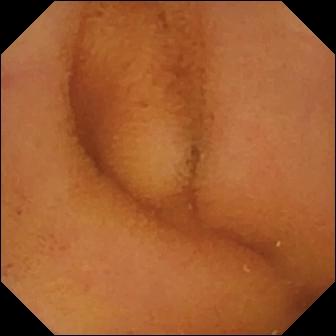PROCEDURE: Video capsule endoscopy.
SEGMENT: Small intestine.
FINDINGS: Normal clean mucosa.